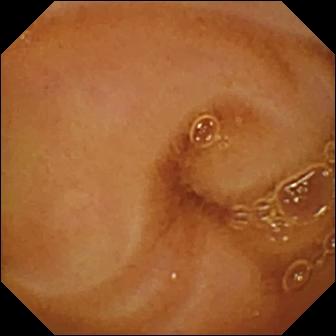PROCEDURE: VCE.
SEGMENT: Small bowel.
FINDINGS: Normal clean mucosa.